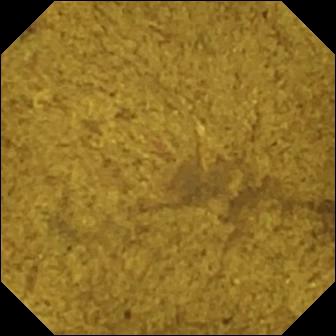Video capsule endoscopy — ileo-cecal valve region.